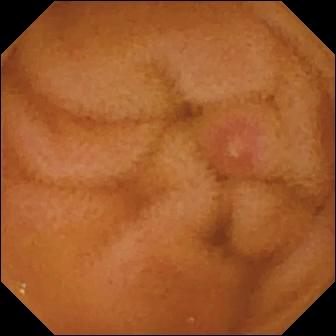- modality: WCE
- finding: erosion